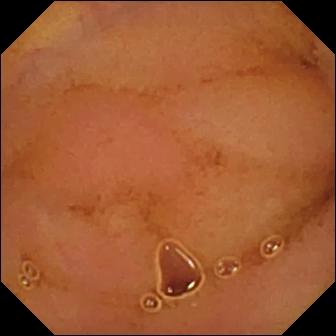Small-bowel capsule endoscopy still, small intestine
Observation: normal clean mucosa